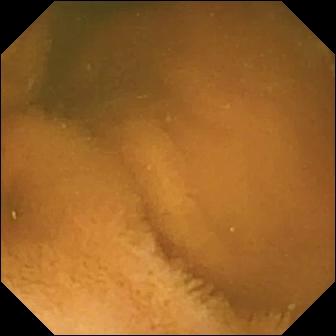This capsule endoscopy frame shows normal clean mucosa.